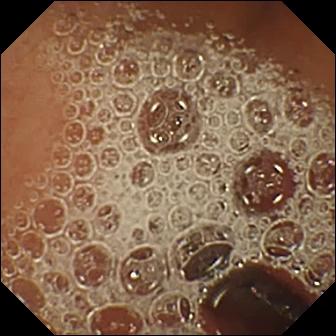Normal clean mucosa — capsule endoscopy image.